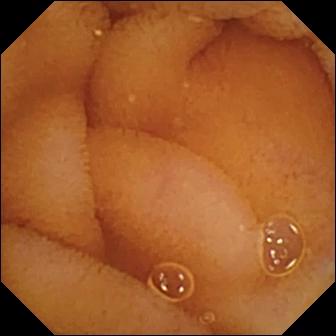WCE — normal clean mucosa.